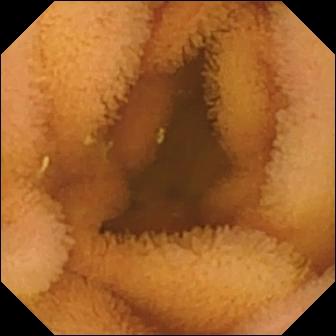Q: What does this VCE view of the small bowel show?
A: Normal clean mucosa.